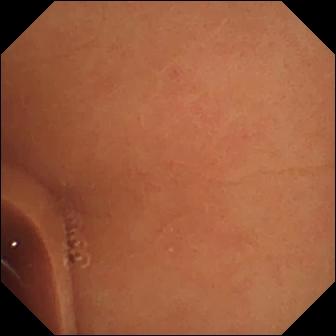PROCEDURE: Wireless capsule endoscopy.
FINDINGS: Normal clean mucosa.